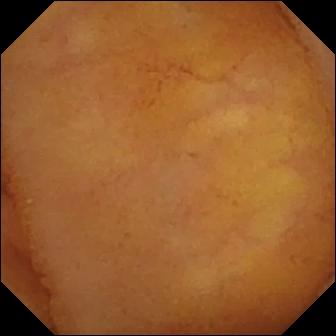- modality: wireless capsule endoscopy
- segment: small intestine
- category: luminal finding
- finding: normal clean mucosa